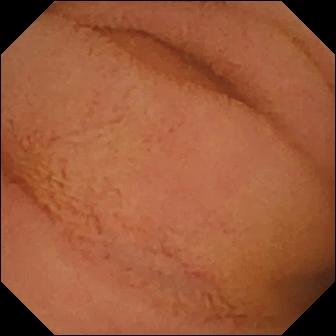Wireless capsule endoscopy still (small intestine). Normal clean mucosa.